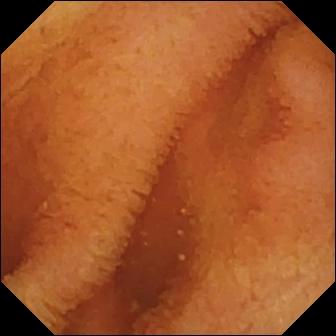Normal clean mucosa (336×336).